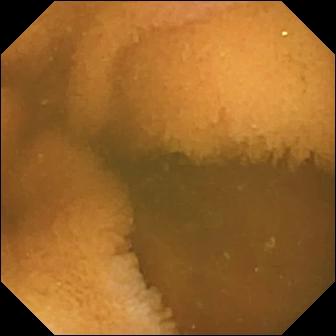Small-bowel capsule endoscopy — normal clean mucosa.